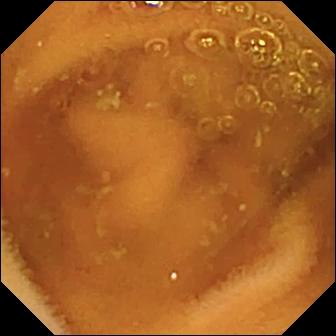This capsule endoscopy still shows normal clean mucosa.